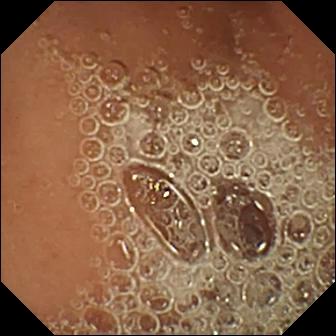Normal clean mucosa.